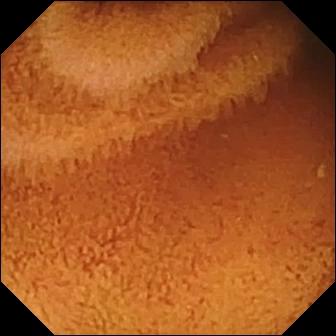{"modality": "WCE", "finding": "normal clean mucosa"}